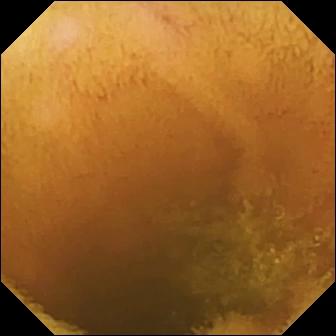Normal clean mucosa — capsule endoscopy still of the small bowel.